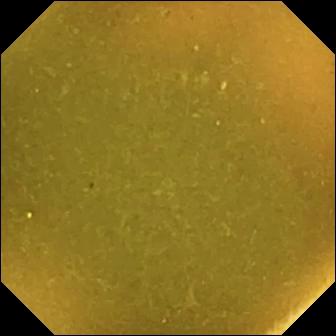- modality: small-bowel capsule endoscopy
- video segment: ileo-cecal valve region (the transition from the small bowel to the large bowel)